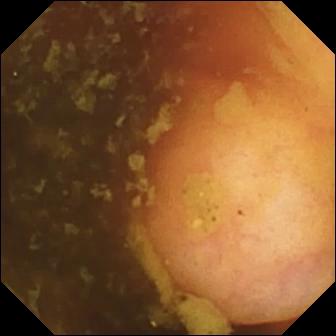Ileo-cecal valve region.